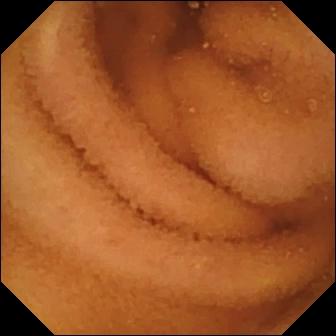This video capsule endoscopy snapshot of the small bowel shows normal clean mucosa.